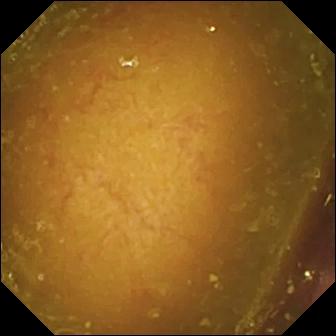Reduced mucosal view (content or bubbles obscuring the mucosa).